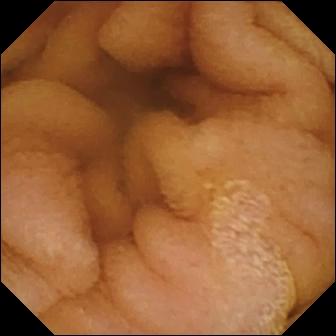Capsule endoscopy — normal clean mucosa.